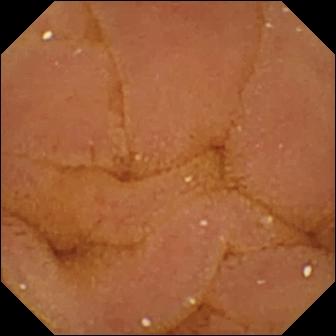Normal clean mucosa.